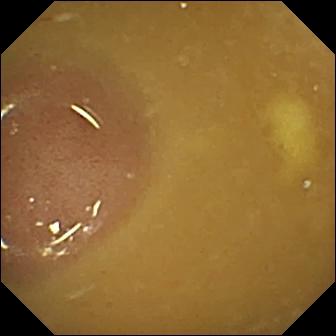Ileo-cecal valve region (where the capsule passes from the small bowel into the large bowel) — capsule endoscopy snapshot.